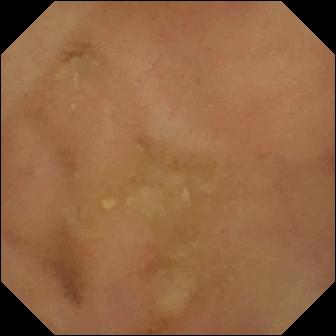PROCEDURE: Small-bowel capsule endoscopy.
SEGMENT: Small intestine.
FINDINGS: Normal clean mucosa.